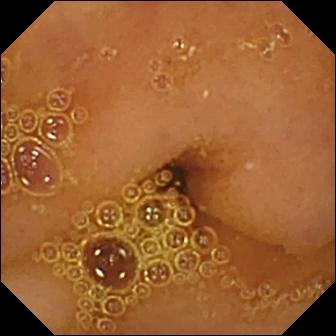Small-bowel capsule endoscopy frame, small bowel
Label: normal clean mucosa